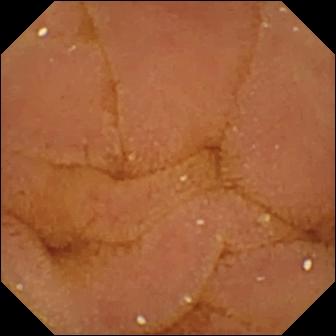Q: What does this VCE view of the small bowel show?
A: Normal clean mucosa.